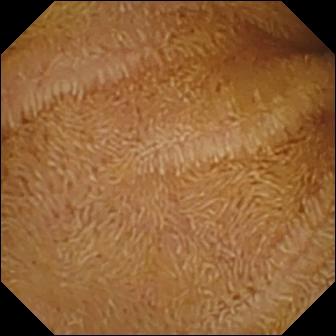PROCEDURE: Wireless capsule endoscopy.
FINDINGS: Normal clean mucosa.